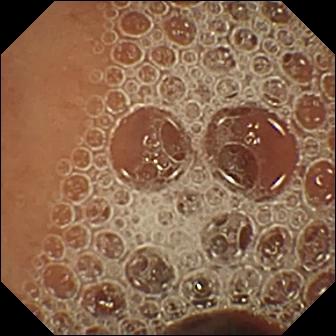{"modality": "wireless capsule endoscopy", "finding": "normal clean mucosa"}